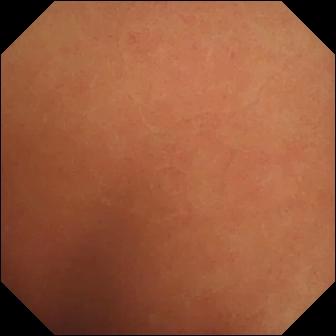Video capsule endoscopy. Impression: normal clean mucosa.